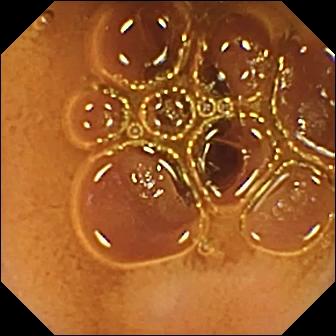This capsule endoscopy image shows normal clean mucosa.